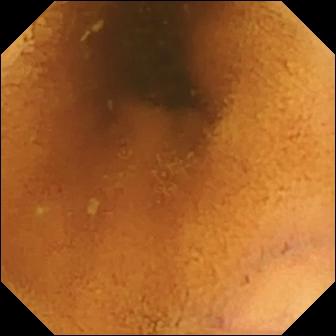modality: WCE
category: luminal finding
label: normal clean mucosa